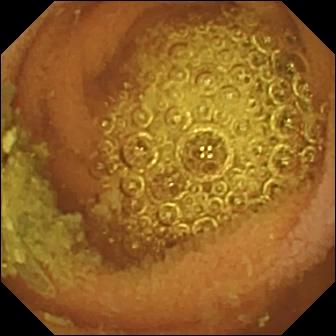{"modality": "WCE", "segment": "small intestine", "category": "luminal finding", "finding": "normal clean mucosa"}